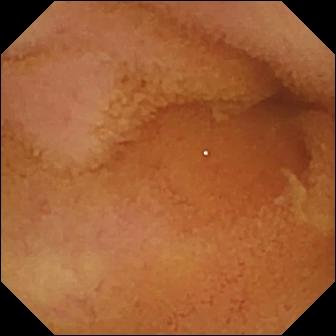VCE still showing normal clean mucosa.